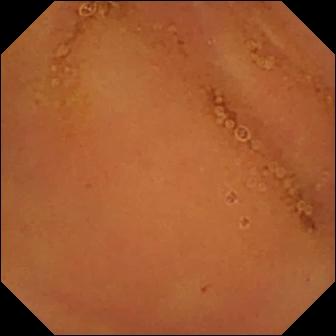PROCEDURE: WCE.
SEGMENT: Small intestine.
FINDINGS: Normal clean mucosa.